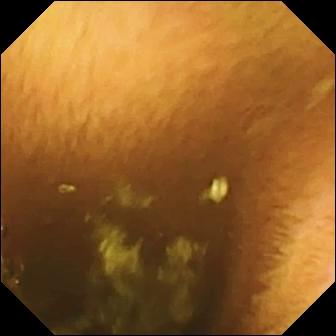WCE still, small intestine
Label: normal clean mucosa